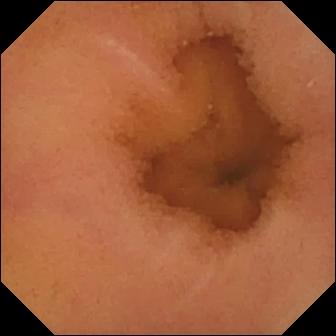PROCEDURE: Wireless capsule endoscopy.
FINDINGS: Normal clean mucosa.